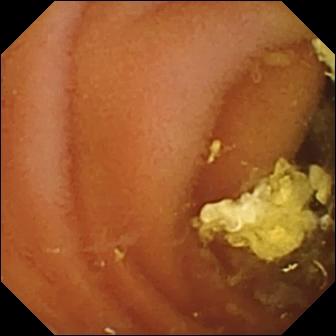PROCEDURE: Capsule endoscopy.
FINDINGS: Normal clean mucosa.